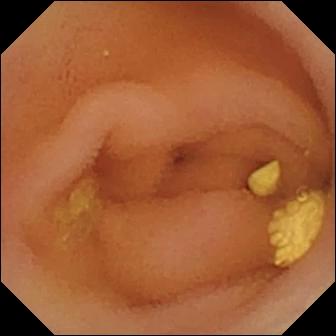modality: small-bowel capsule endoscopy; observation: lymphangiectasia